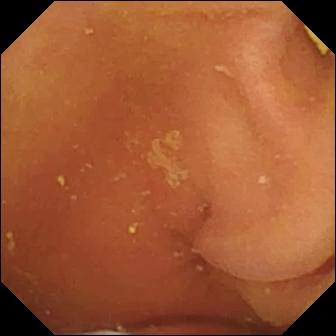modality: VCE | category: luminal finding | observation: foreign body (e.g. retained capsule, tablet residue)